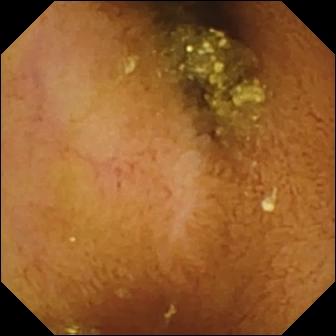Capsule endoscopy — normal clean mucosa.